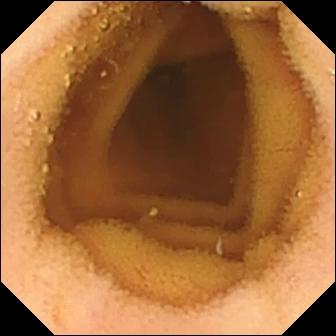PROCEDURE: Video capsule endoscopy.
FINDINGS: Normal clean mucosa.